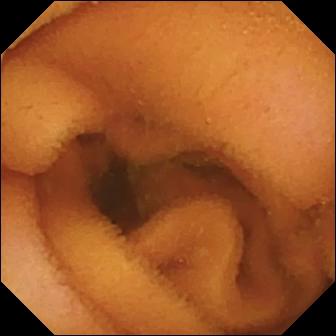modality: WCE | finding: normal clean mucosa